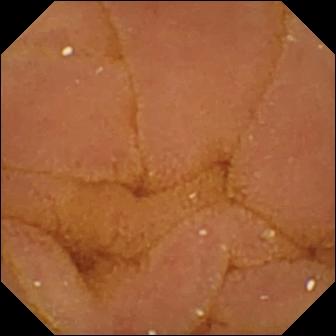Video capsule endoscopy — normal clean mucosa.